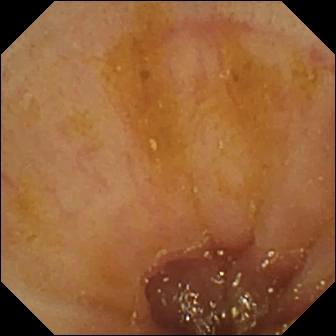VCE — ileo-cecal valve region (the transition from the small bowel to the large bowel).